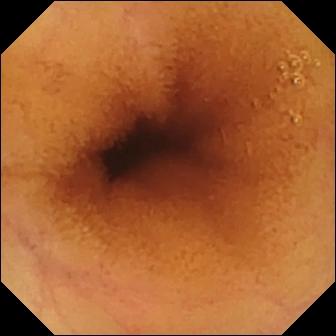Normal clean mucosa.